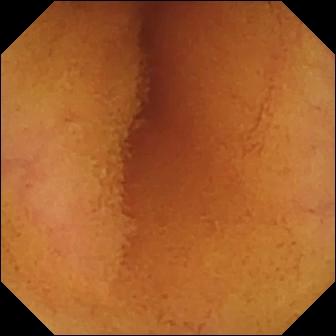- modality: video capsule endoscopy
- label: normal clean mucosa